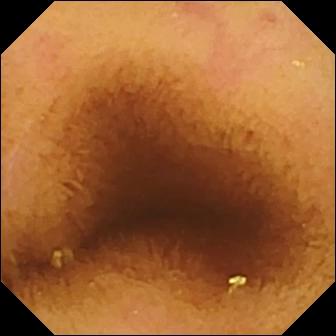VCE — normal clean mucosa.